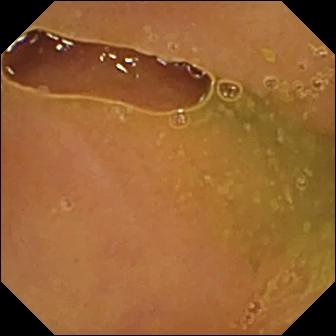Video capsule endoscopy snapshot showing normal clean mucosa.